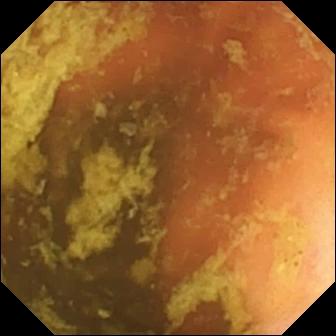modality: WCE
position: ileo-cecal valve region